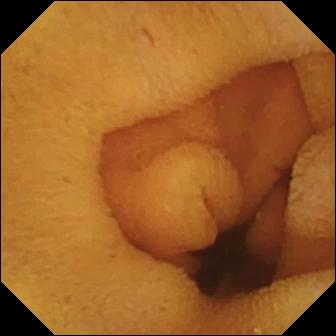Normal clean mucosa — small-bowel capsule endoscopy still.